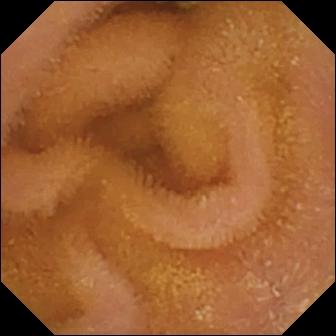modality: WCE | segment: small intestine | observation: normal clean mucosa